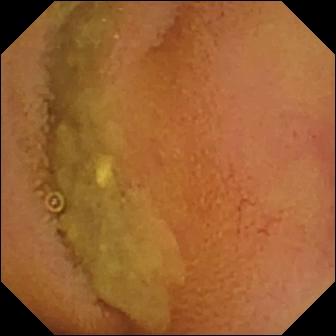Normal clean mucosa — small-bowel capsule endoscopy snapshot of the small bowel.